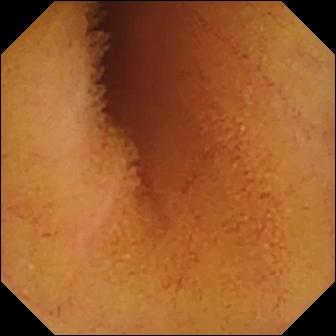Video capsule endoscopy view. Normal clean mucosa.